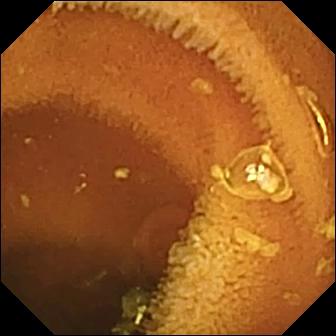Normal clean mucosa — capsule endoscopy still of the small intestine.